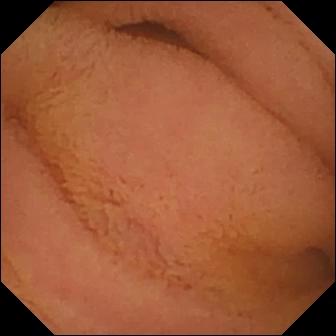Capsule endoscopy frame
Observation: normal clean mucosa